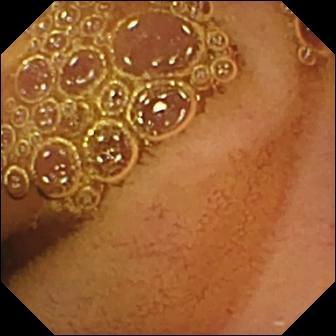modality: WCE; segment: small bowel; category: luminal finding; label: normal clean mucosa